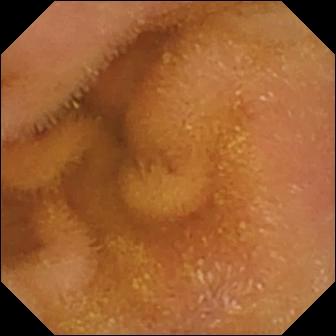modality: VCE; segment: small intestine; observation: normal clean mucosa